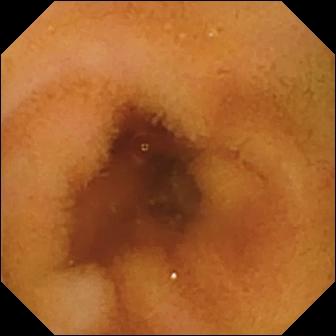Capsule endoscopy frame showing normal clean mucosa.